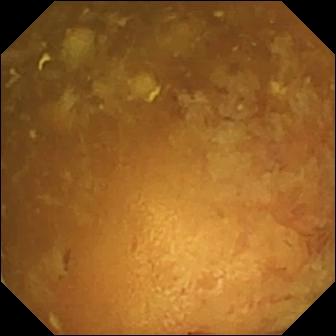VCE. Small bowel. Observation: reduced mucosal view (content or bubbles obscuring the mucosa).